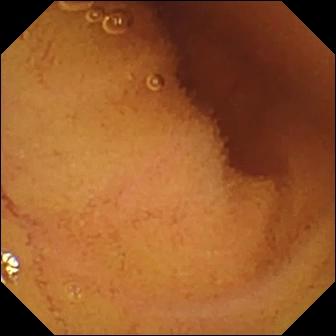- modality: WCE
- segment: small intestine
- impression: normal clean mucosa